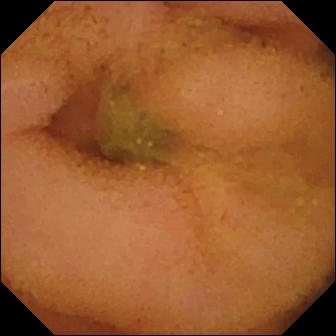modality: WCE | observation: normal clean mucosa